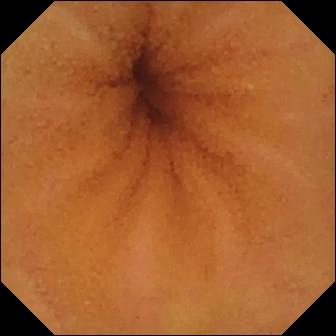Capsule endoscopy — normal clean mucosa.